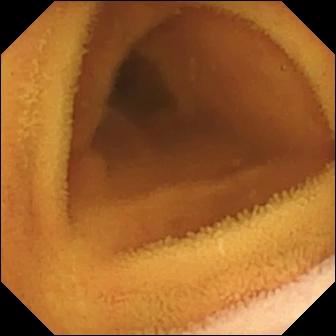PROCEDURE: Video capsule endoscopy.
SEGMENT: Small bowel.
FINDINGS: Normal clean mucosa.